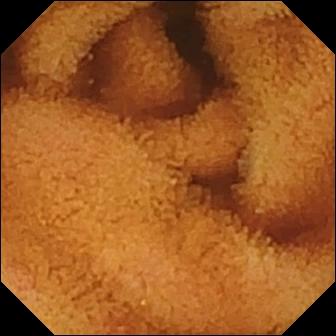Normal clean mucosa — wireless capsule endoscopy view.